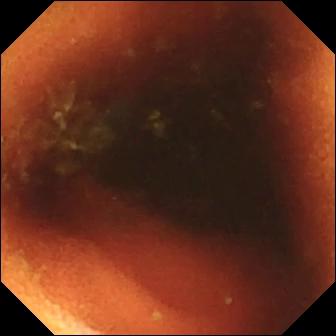Ileo-cecal valve region (where the capsule passes from the small bowel into the large bowel) — capsule endoscopy frame.